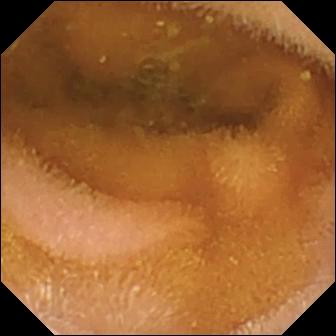modality: WCE; finding: normal clean mucosa